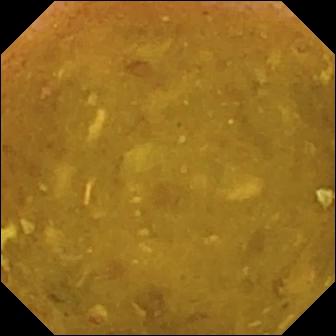Reduced mucosal view (content or bubbles obscuring the mucosa) — wireless capsule endoscopy image of the small intestine.